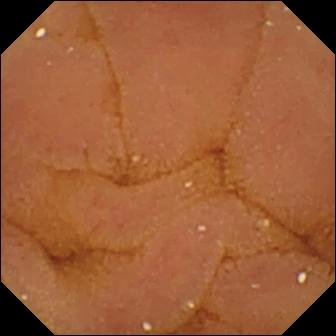VCE still (small bowel). Normal clean mucosa.